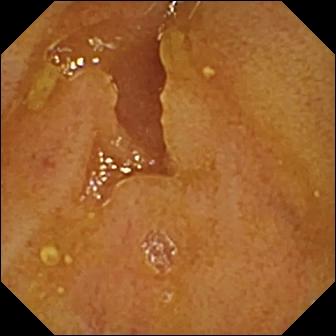WCE. Label: ileo-cecal valve region (the transition from the small bowel to the large bowel).